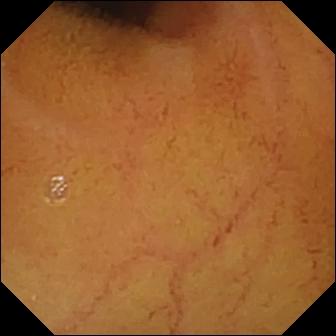PROCEDURE: WCE.
SEGMENT: Small bowel.
FINDINGS: Normal clean mucosa.